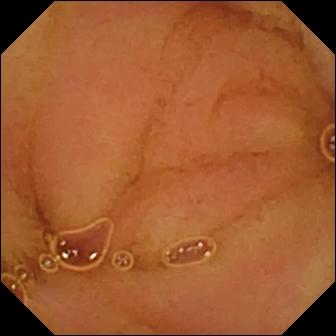modality: WCE | label: normal clean mucosa